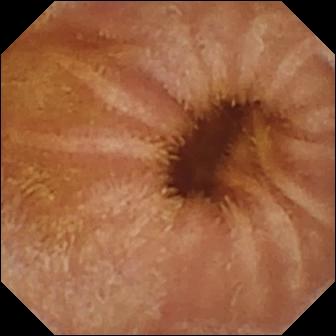Normal clean mucosa — VCE still.